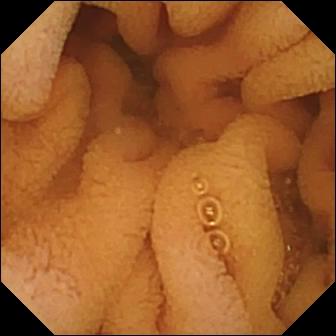Small-bowel capsule endoscopy image (small bowel), 336×336. Normal clean mucosa.